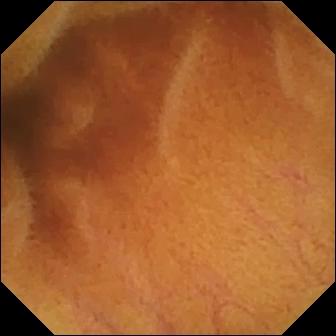Video capsule endoscopy image
Impression: normal clean mucosa